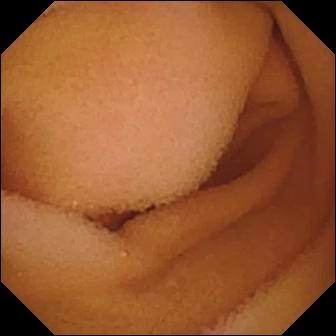Normal clean mucosa — small-bowel capsule endoscopy view of the small bowel.